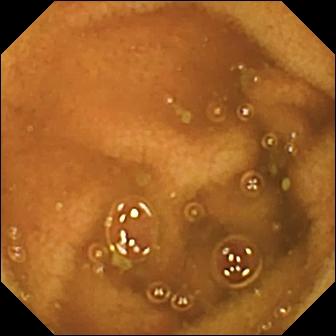VCE image of the small intestine showing normal clean mucosa.